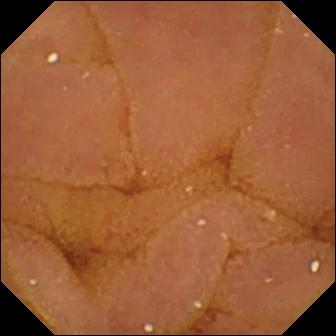modality: WCE
segment: small intestine
category: luminal finding
label: normal clean mucosa